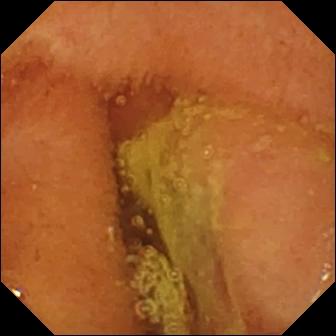Wireless capsule endoscopy snapshot showing normal clean mucosa.